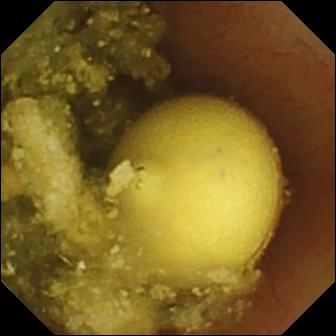VCE — foreign body (e.g. retained capsule, tablet residue).